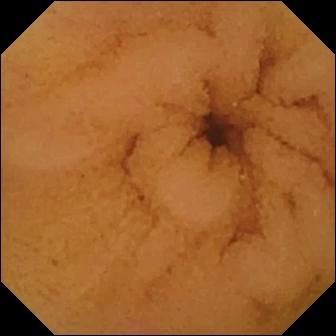{"modality": "wireless capsule endoscopy", "category": "luminal finding", "finding": "normal clean mucosa"}